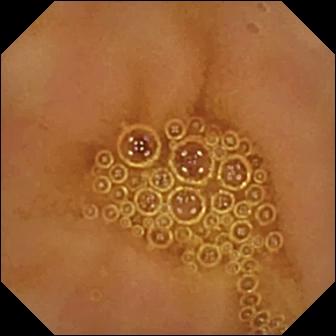Capsule endoscopy snapshot (small bowel). Normal clean mucosa.